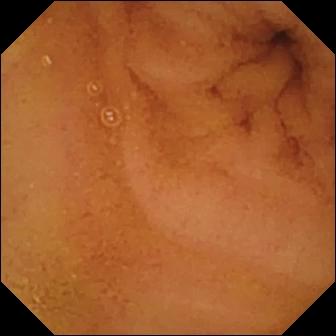{"modality": "wireless capsule endoscopy", "segment": "small intestine", "finding": "normal clean mucosa"}